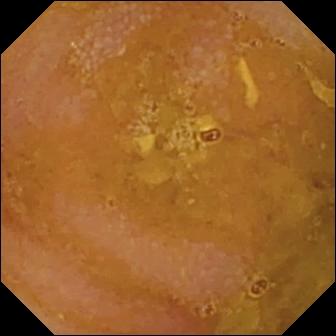Video capsule endoscopy. Observation: reduced mucosal view (content or bubbles obscuring the mucosa).